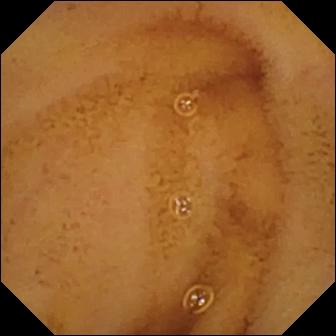Q: What does this WCE snapshot of the small bowel show?
A: Normal clean mucosa.